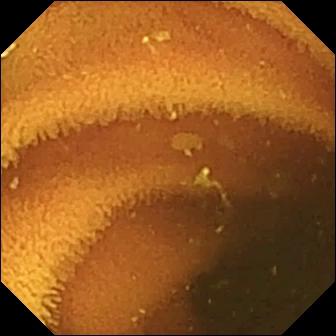Normal clean mucosa — wireless capsule endoscopy still.